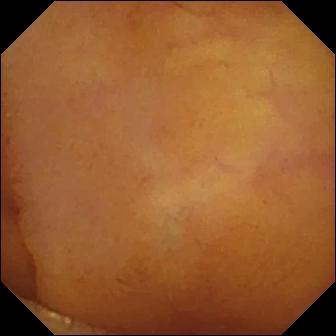This WCE frame shows normal clean mucosa.